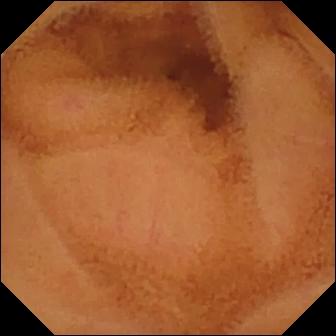modality: small-bowel capsule endoscopy | segment: small bowel | category: luminal finding | finding: normal clean mucosa